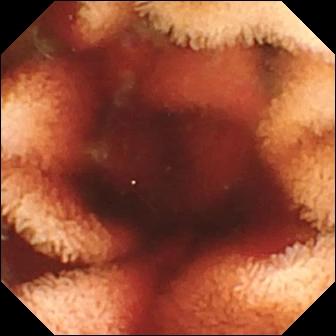This video capsule endoscopy frame shows fresh blood in the lumen.